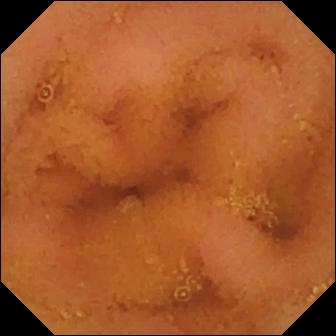PROCEDURE: Capsule endoscopy.
SEGMENT: Small intestine.
FINDINGS: Normal clean mucosa.